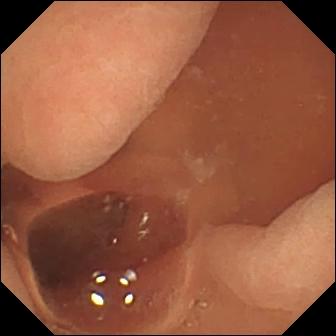Video capsule endoscopy — normal clean mucosa.